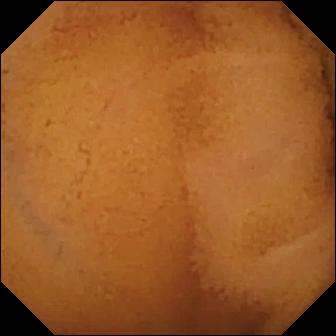{"modality": "small-bowel capsule endoscopy", "segment": "small bowel", "finding": "normal clean mucosa"}